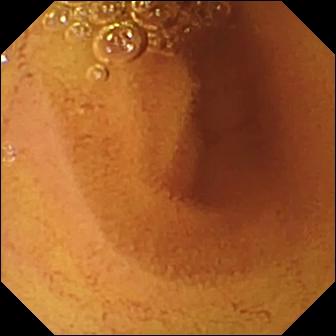Capsule endoscopy — normal clean mucosa.